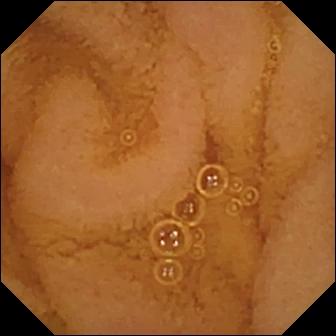Normal clean mucosa — video capsule endoscopy image.